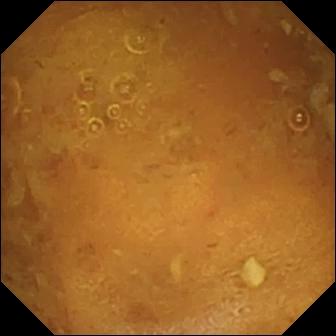modality: WCE
impression: reduced mucosal view (content or bubbles obscuring the mucosa)